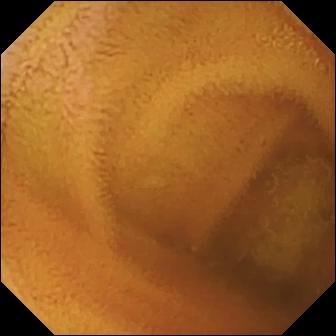Capsule endoscopy. Small intestine. Luminal finding. Finding: normal clean mucosa.